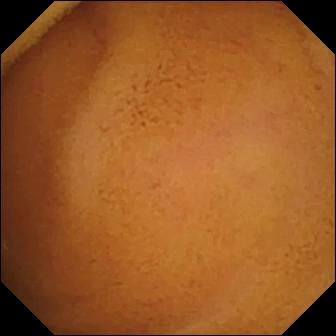PROCEDURE: VCE.
SEGMENT: Small intestine.
FINDINGS: Normal clean mucosa.